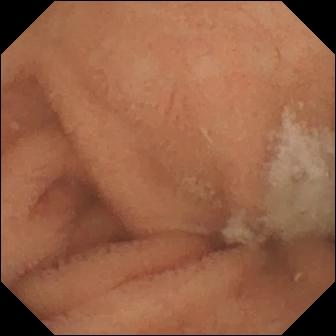WCE. Small bowel. Observation: normal clean mucosa.